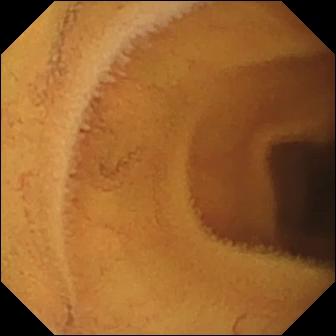This small-bowel capsule endoscopy view shows normal clean mucosa.